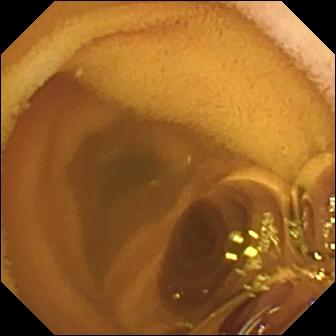Normal clean mucosa — WCE snapshot of the small intestine.